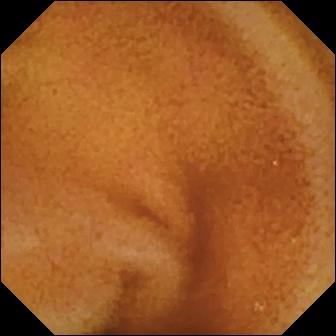Wireless capsule endoscopy. Observation: normal clean mucosa.